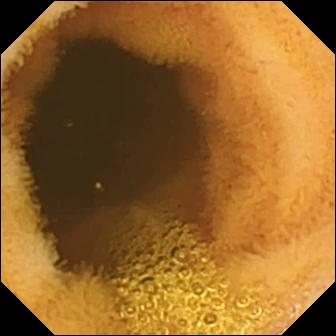This wireless capsule endoscopy view of the small bowel shows normal clean mucosa.